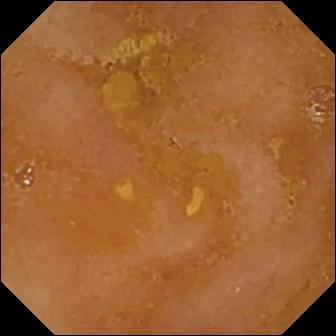Capsule endoscopy frame of the small intestine showing reduced mucosal view (content or bubbles obscuring the mucosa).